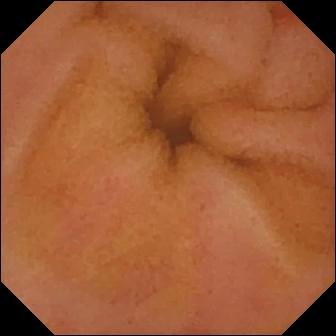PROCEDURE: Capsule endoscopy.
FINDINGS: Erythema (mucosal redness).